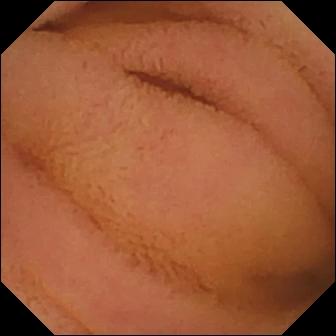This video capsule endoscopy still of the small intestine shows normal clean mucosa.